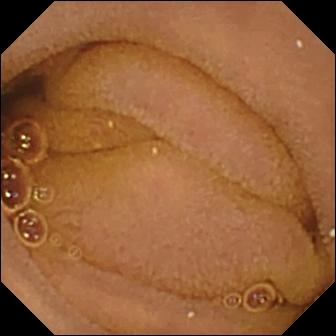WCE. Small bowel. Observation: normal clean mucosa.